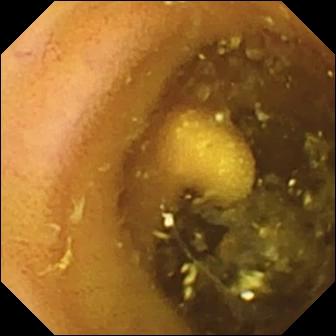Small-bowel capsule endoscopy. Impression: lymphangiectasia.